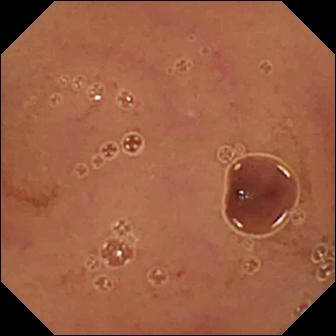Small-bowel capsule endoscopy — normal clean mucosa.